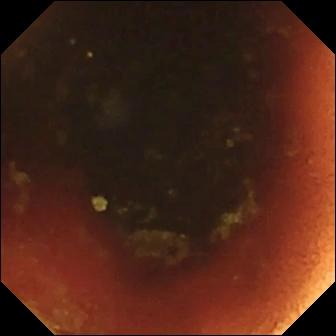- modality: VCE
- position: ileo-cecal valve region (the transition from the small bowel to the large bowel)